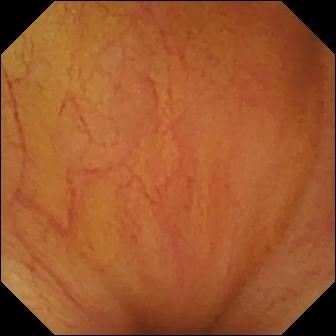- modality: capsule endoscopy
- label: ileo-cecal valve region